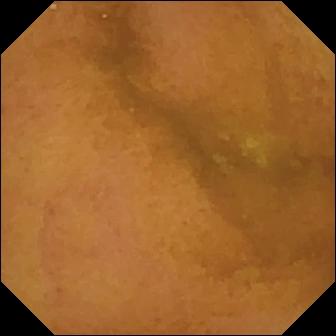{"modality": "VCE", "segment": "small intestine", "category": "luminal finding", "finding": "normal clean mucosa"}